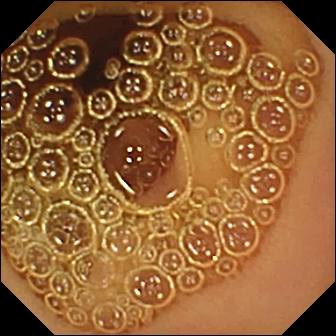This small-bowel capsule endoscopy frame of the small bowel shows normal clean mucosa.